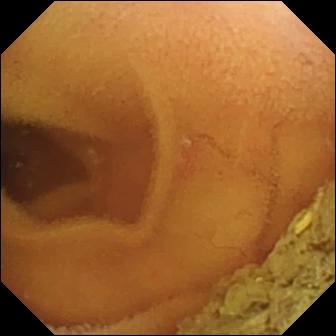- modality: capsule endoscopy
- segment: small intestine
- observation: normal clean mucosa